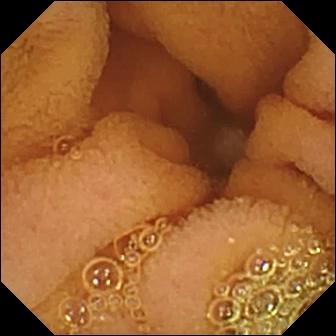Q: What does this wireless capsule endoscopy snapshot show?
A: Normal clean mucosa.